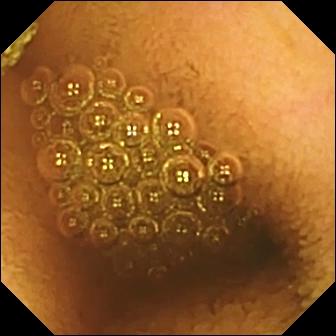Reduced mucosal view (content or bubbles obscuring the mucosa) — small-bowel capsule endoscopy image of the small bowel.